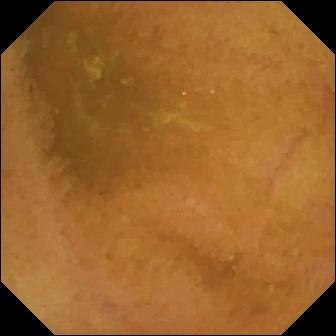Q: What does this video capsule endoscopy frame show?
A: Normal clean mucosa.